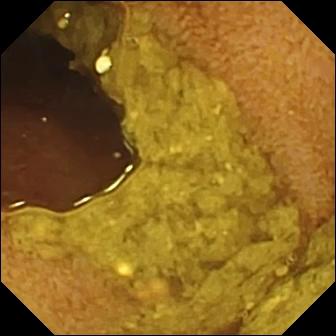Video capsule endoscopy frame
Video segment: ileo-cecal valve region (the transition from the small bowel to the large bowel)